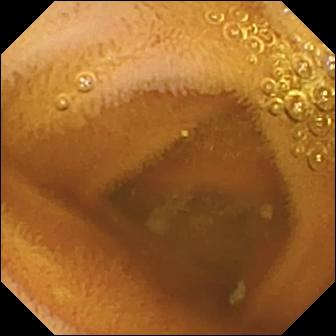Normal clean mucosa.